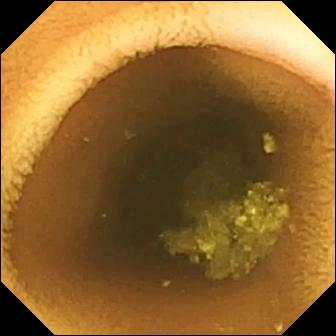VCE view
Finding: normal clean mucosa